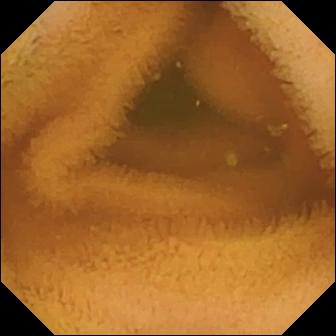This VCE image shows normal clean mucosa.